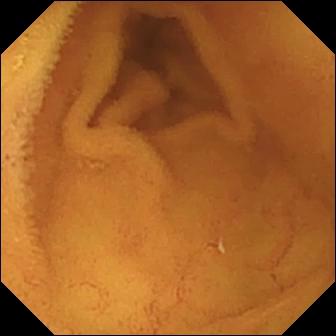- modality: VCE
- segment: small bowel
- category: luminal finding
- observation: normal clean mucosa